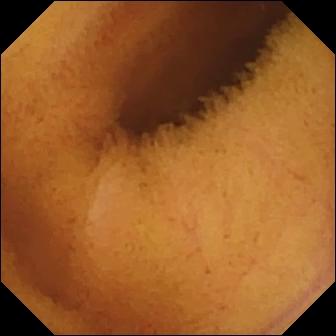Q: What does this VCE view of the small bowel show?
A: Normal clean mucosa.